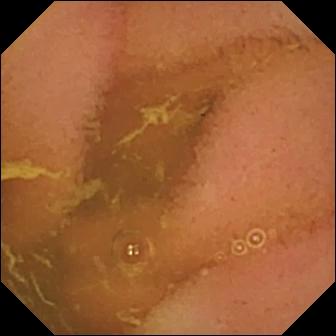Capsule endoscopy. Luminal finding. Impression: normal clean mucosa.